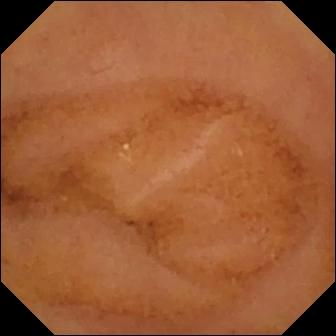VCE view (small bowel). Normal clean mucosa.